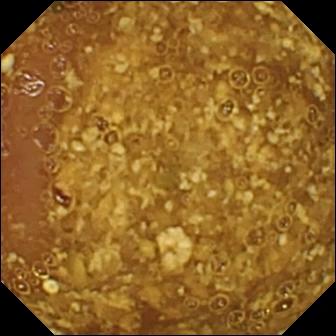modality: VCE | segment: small intestine | observation: reduced mucosal view (content or bubbles obscuring the mucosa)